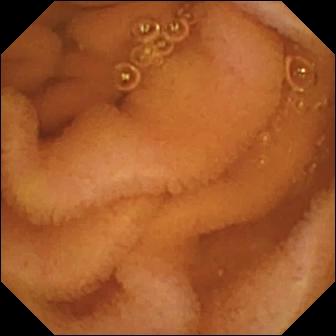{"modality": "WCE", "finding": "normal clean mucosa"}